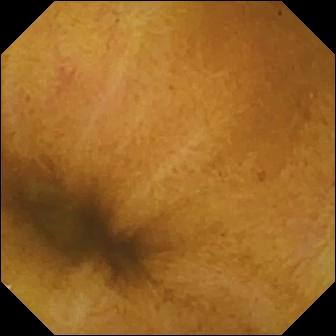Normal clean mucosa (336×336).